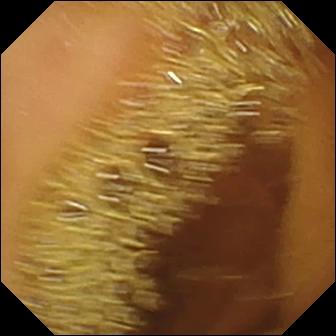Capsule endoscopy. Luminal finding. Finding: normal clean mucosa.